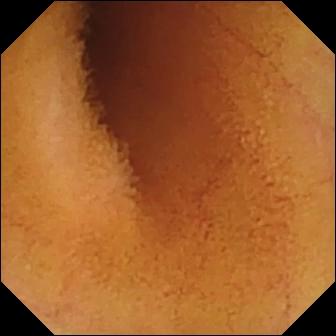Normal clean mucosa — VCE frame of the small bowel.